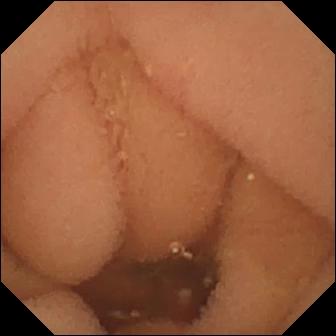PROCEDURE: Wireless capsule endoscopy.
SEGMENT: Small bowel.
FINDINGS: Normal clean mucosa.